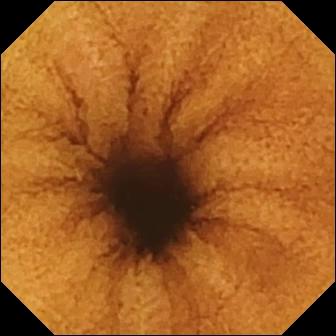VCE. Luminal finding. Label: normal clean mucosa.